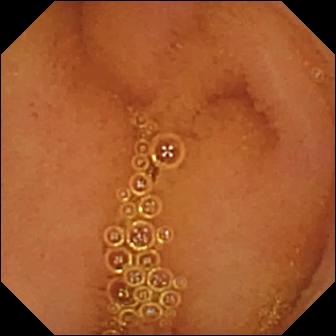Capsule endoscopy snapshot showing normal clean mucosa.